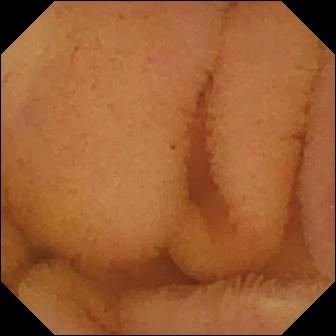This small-bowel capsule endoscopy frame shows normal clean mucosa.